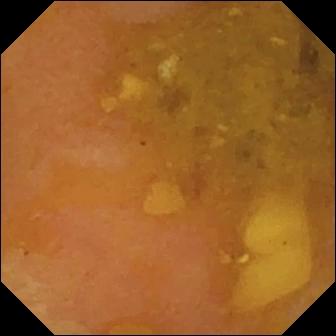Small-bowel capsule endoscopy image (small bowel). Reduced mucosal view (content or bubbles obscuring the mucosa).